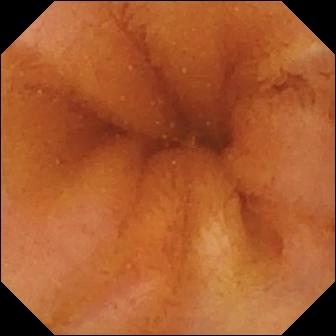Small-bowel capsule endoscopy image showing normal clean mucosa.